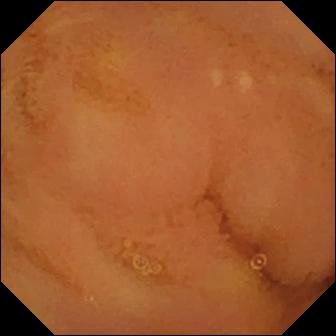Normal clean mucosa — small-bowel capsule endoscopy view.